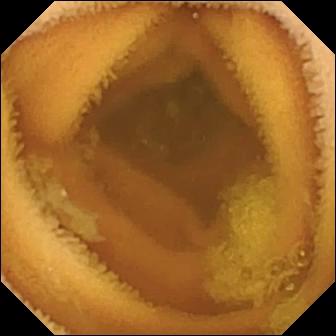{"modality": "wireless capsule endoscopy", "segment": "small bowel", "finding": "normal clean mucosa"}